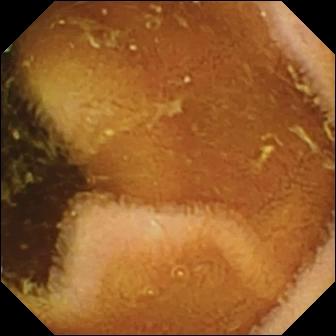Wireless capsule endoscopy. Small intestine. Luminal finding. Label: normal clean mucosa.